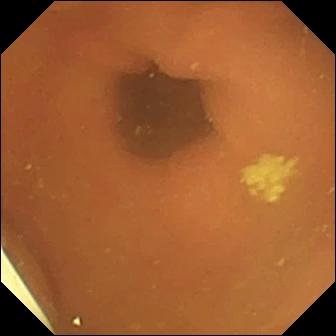Wireless capsule endoscopy. Label: foreign body (e.g. retained capsule, tablet residue).